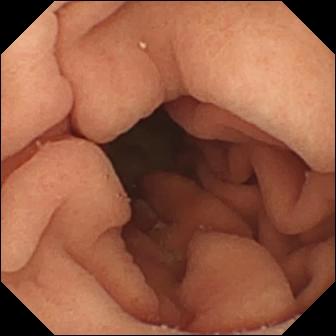WCE. Near an anatomical landmark. Label: pylorus region.